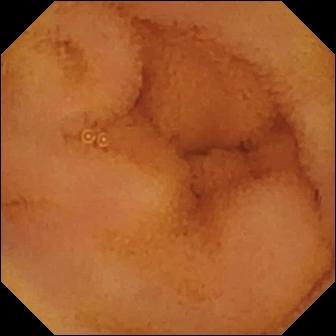WCE image (small bowel). Normal clean mucosa.